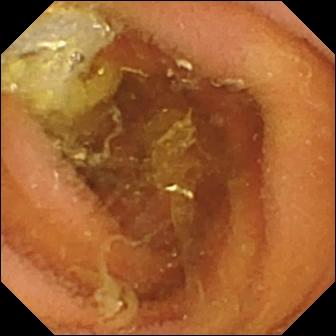PROCEDURE: Small-bowel capsule endoscopy.
SEGMENT: Small intestine.
FINDINGS: Normal clean mucosa.